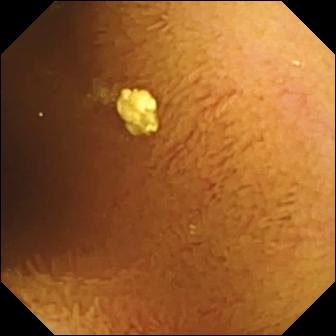Small-bowel capsule endoscopy — normal clean mucosa.